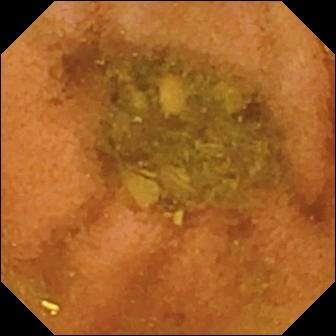Capsule endoscopy image showing normal clean mucosa.